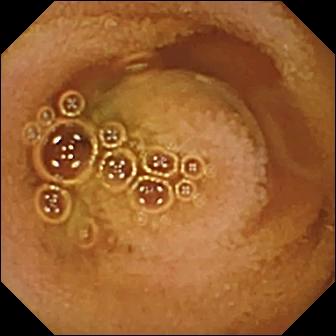{"modality": "capsule endoscopy", "finding": "normal clean mucosa"}